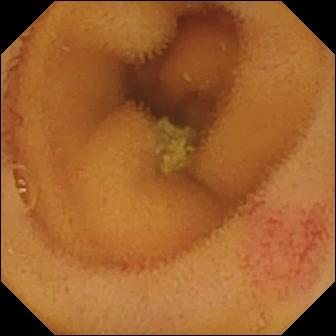Capsule endoscopy view. Angiectasia.